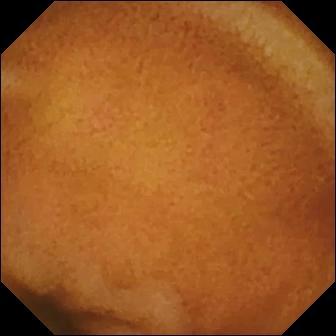{"modality": "VCE", "segment": "small intestine", "finding": "normal clean mucosa"}